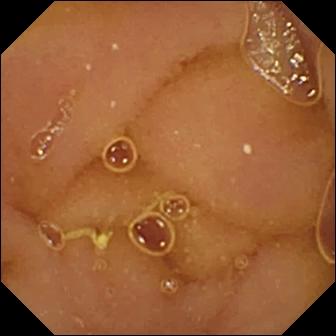Wireless capsule endoscopy frame showing normal clean mucosa.